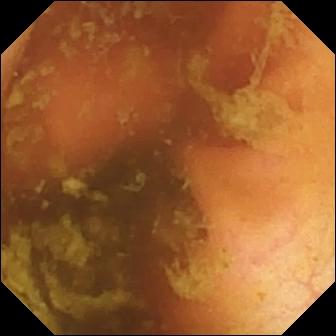Ileo-cecal valve region (where the capsule passes from the small bowel into the large bowel) — capsule endoscopy frame.